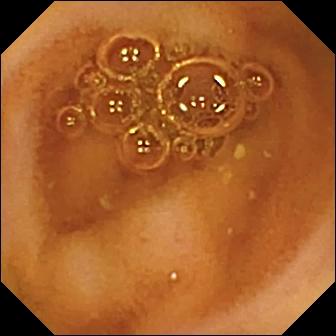VCE — normal clean mucosa.